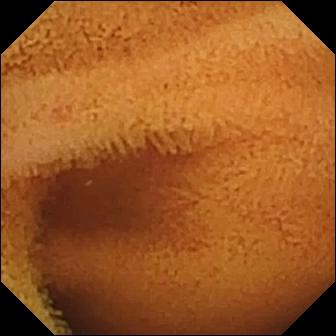modality: wireless capsule endoscopy | category: luminal finding | label: normal clean mucosa